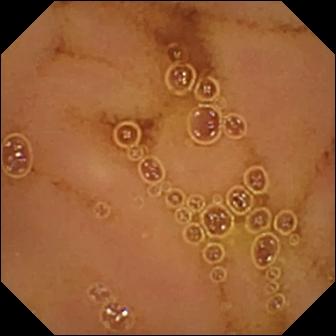Wireless capsule endoscopy snapshot
Label: normal clean mucosa